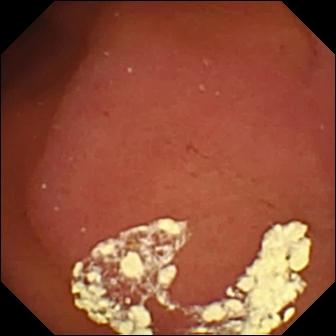Q: Where in the digestive tract was this video capsule endoscopy still taken?
A: Pylorus region (where the capsule passes from the stomach into the small bowel).